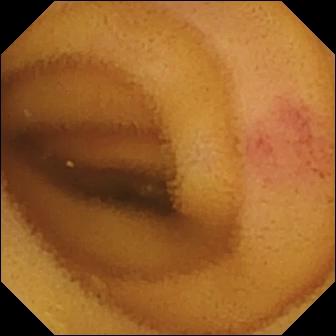Q: What does this capsule endoscopy still show?
A: Angiectasia.